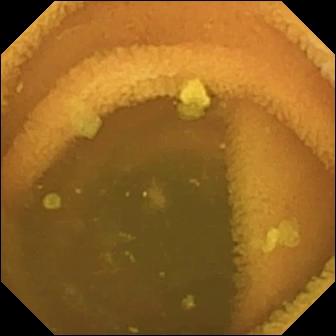PROCEDURE: Video capsule endoscopy.
FINDINGS: Normal clean mucosa.